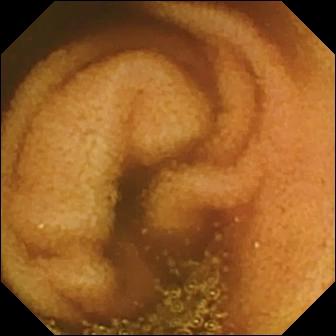VCE view showing normal clean mucosa.